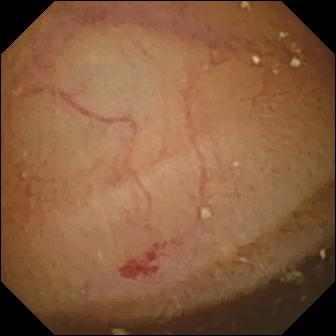VCE frame
Impression: angiectasia